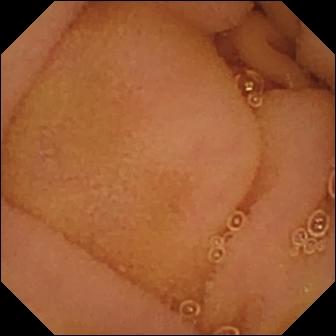PROCEDURE: VCE.
FINDINGS: Normal clean mucosa.